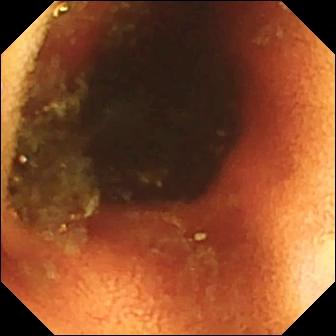Capsule endoscopy — ileo-cecal valve region (the transition from the small bowel to the large bowel).